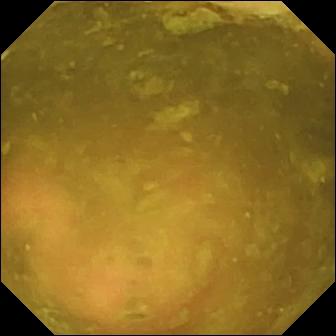Wireless capsule endoscopy view taken in the ileo-cecal valve region.